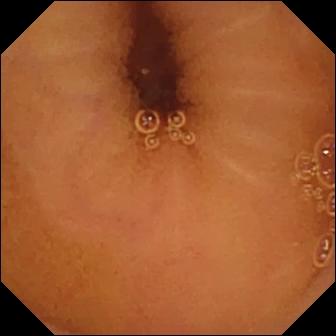Normal clean mucosa (336×336).